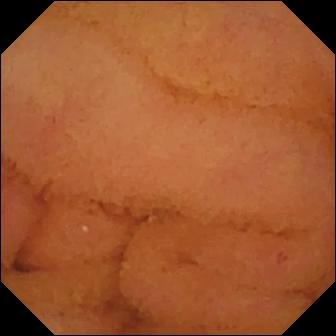Capsule endoscopy image of the small intestine showing normal clean mucosa.